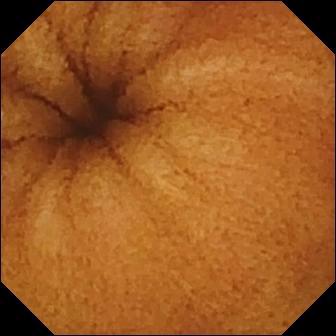PROCEDURE: Small-bowel capsule endoscopy.
SEGMENT: Small bowel.
FINDINGS: Normal clean mucosa.